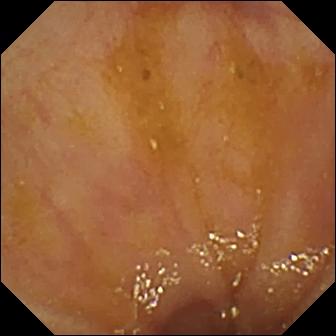Video capsule endoscopy image, 336×336. Taken in the ileo-cecal valve region (the transition from the small bowel to the large bowel).